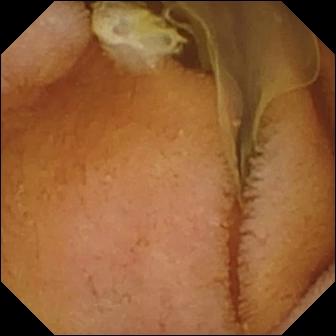This VCE image of the small intestine shows normal clean mucosa.